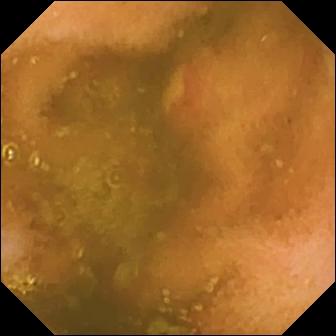Ulcer — video capsule endoscopy snapshot.